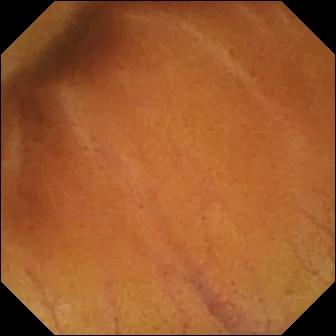Small-bowel capsule endoscopy frame. Normal clean mucosa.